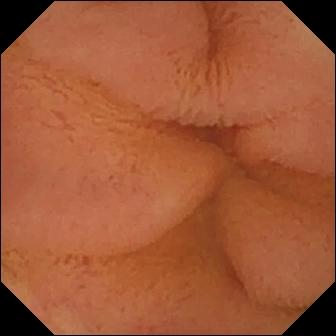PROCEDURE: Small-bowel capsule endoscopy.
SEGMENT: Small intestine.
FINDINGS: Normal clean mucosa.